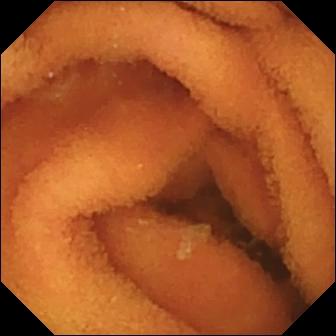Small-bowel capsule endoscopy image, small bowel
Observation: normal clean mucosa